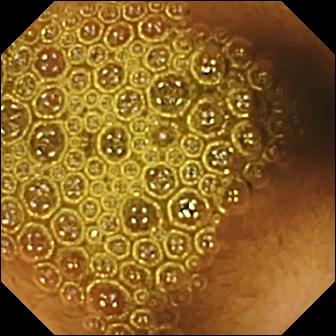Small-bowel capsule endoscopy view showing reduced mucosal view (content or bubbles obscuring the mucosa).